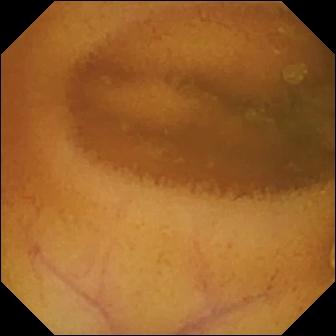Q: What does this small-bowel capsule endoscopy still show?
A: Normal clean mucosa.